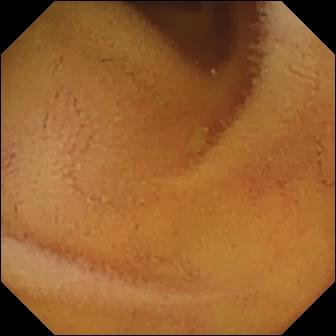Wireless capsule endoscopy frame (small bowel). Normal clean mucosa.